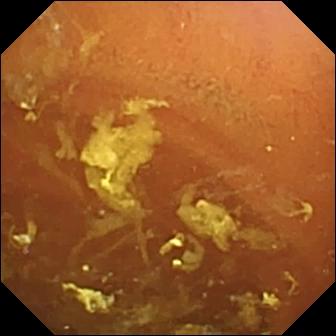Video capsule endoscopy view showing normal clean mucosa.